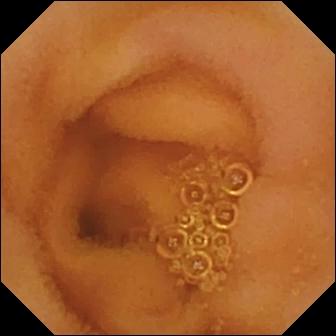This wireless capsule endoscopy image of the small bowel shows normal clean mucosa.